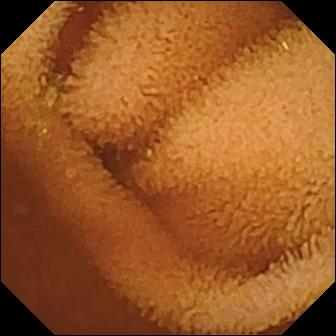Q: What does this capsule endoscopy view of the small intestine show?
A: Normal clean mucosa.